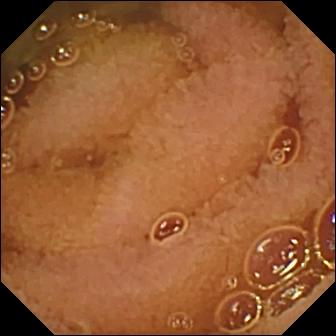Q: What does this wireless capsule endoscopy snapshot of the small bowel show?
A: Normal clean mucosa.